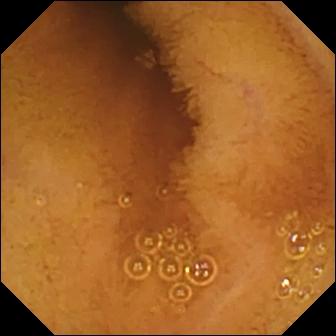PROCEDURE: VCE.
FINDINGS: Normal clean mucosa.